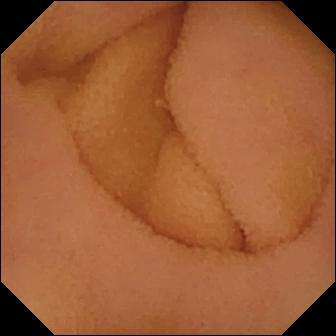Capsule endoscopy view
Observation: normal clean mucosa